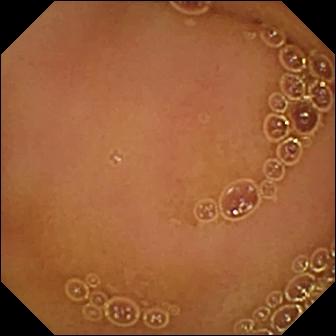This wireless capsule endoscopy view of the small bowel shows normal clean mucosa.